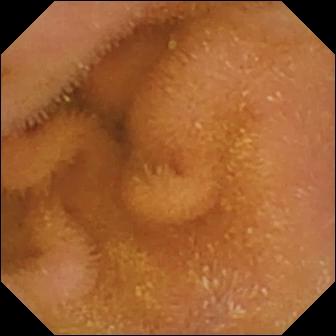Wireless capsule endoscopy. Luminal finding. Observation: normal clean mucosa.